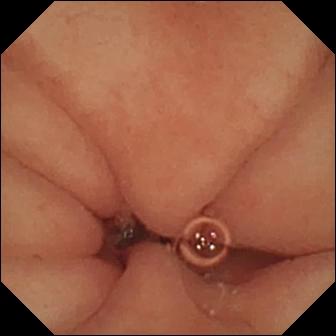WCE — pylorus region.